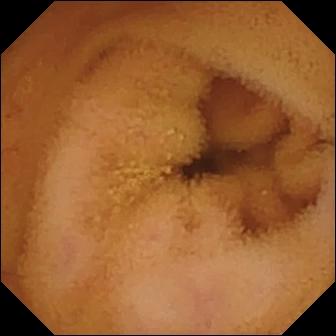WCE view showing normal clean mucosa.